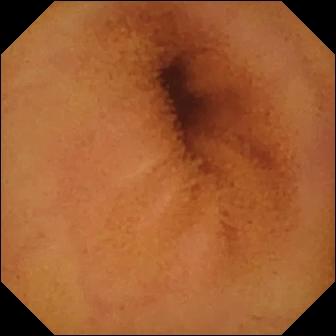WCE. Small intestine. Finding: normal clean mucosa.